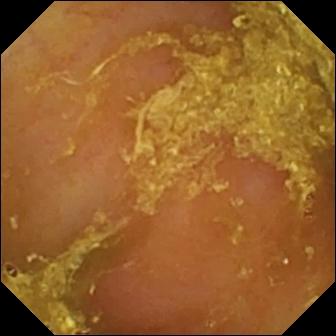Wireless capsule endoscopy. Small intestine. Finding: reduced mucosal view (content or bubbles obscuring the mucosa).